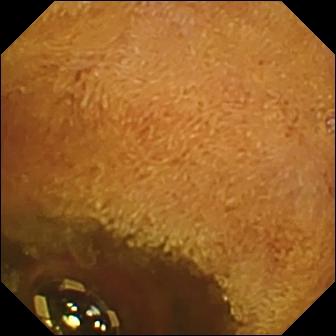WCE. Label: foreign body (e.g. retained capsule, tablet residue).